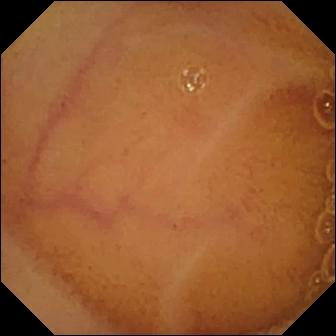Normal clean mucosa — WCE frame of the small bowel.